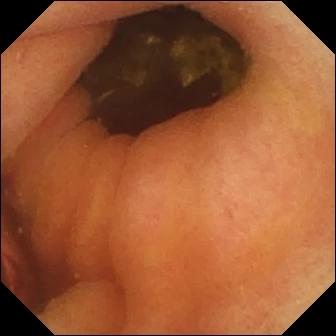Foreign body (e.g. retained capsule, tablet residue).